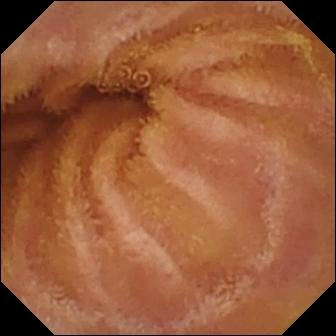This VCE frame shows normal clean mucosa.